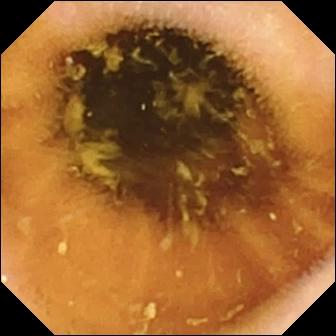VCE snapshot, small bowel
Finding: normal clean mucosa